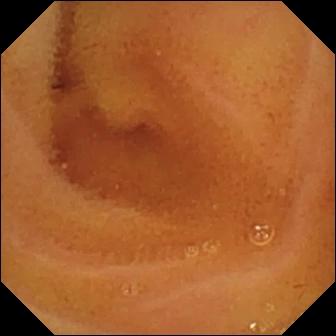{"modality": "VCE", "finding": "normal clean mucosa"}